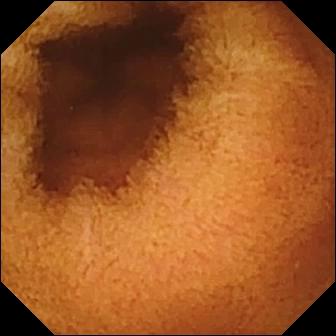This VCE view of the small bowel shows normal clean mucosa.